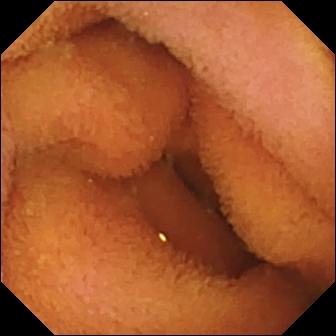VCE view, small intestine
Finding: normal clean mucosa